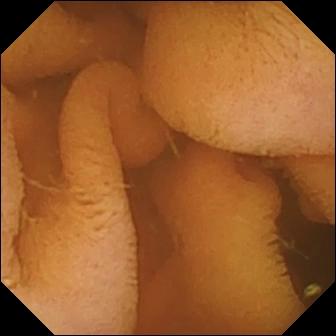WCE. Luminal finding. Label: normal clean mucosa.